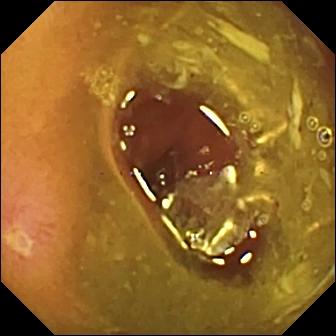PROCEDURE: WCE.
FINDINGS: Ulcer.